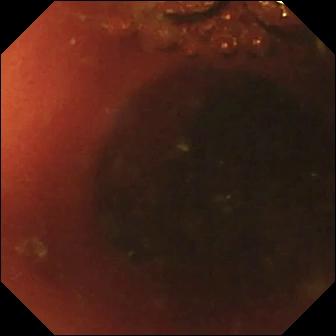Q: Where in the digestive tract was this video capsule endoscopy snapshot taken?
A: Ileo-cecal valve region.